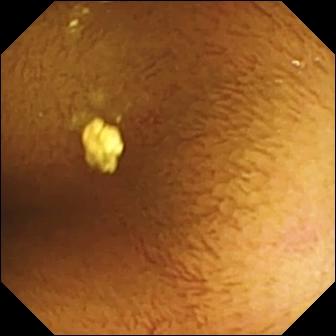PROCEDURE: VCE.
FINDINGS: Normal clean mucosa.